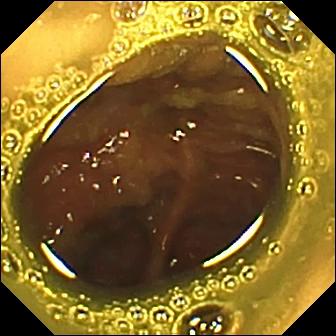Small-bowel capsule endoscopy — ileo-cecal valve region (where the capsule passes from the small bowel into the large bowel).